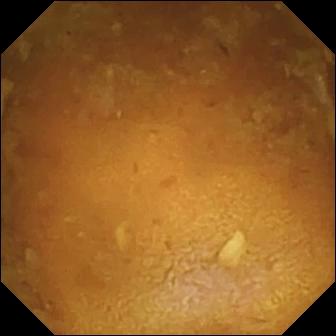Q: What does this small-bowel capsule endoscopy frame show?
A: Reduced mucosal view (content or bubbles obscuring the mucosa).